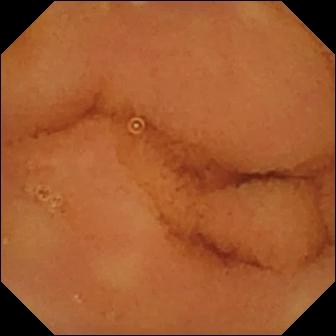Capsule endoscopy. Small intestine. Impression: normal clean mucosa.